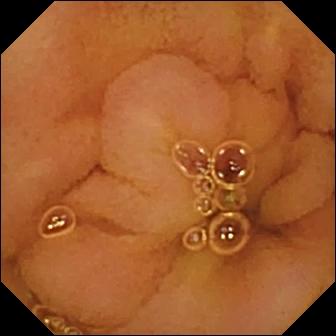WCE view, small intestine
Observation: normal clean mucosa